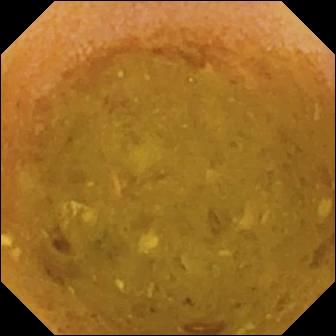modality: wireless capsule endoscopy
observation: reduced mucosal view (content or bubbles obscuring the mucosa)